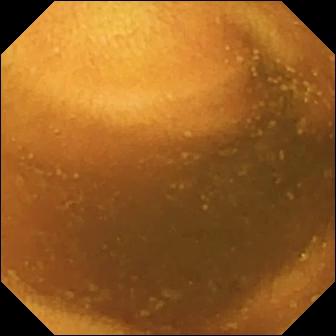Capsule endoscopy. Small bowel. Luminal finding. Label: normal clean mucosa.